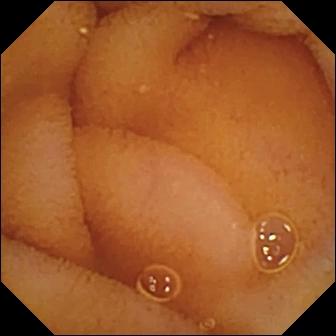- modality: capsule endoscopy
- segment: small intestine
- finding: normal clean mucosa